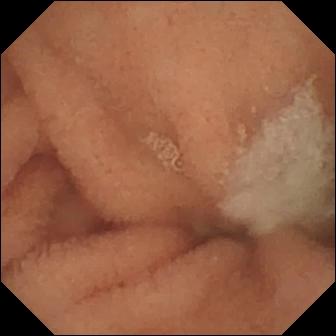Normal clean mucosa — video capsule endoscopy view.